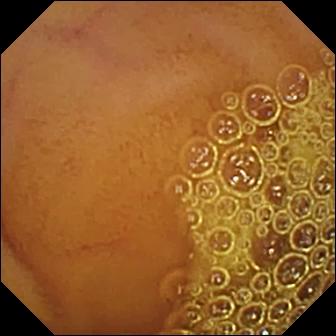Normal clean mucosa.